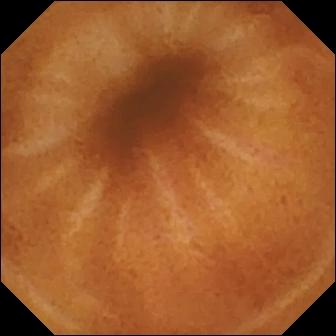{"modality": "WCE", "category": "luminal finding", "finding": "normal clean mucosa"}